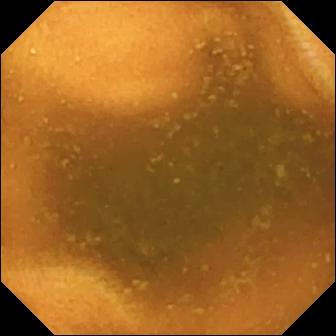Q: What does this VCE image of the small bowel show?
A: Normal clean mucosa.